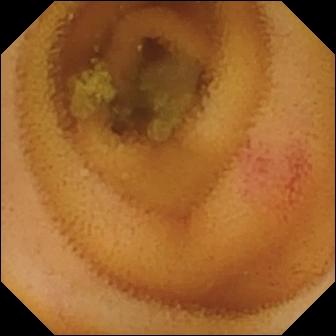This wireless capsule endoscopy view shows angiectasia.